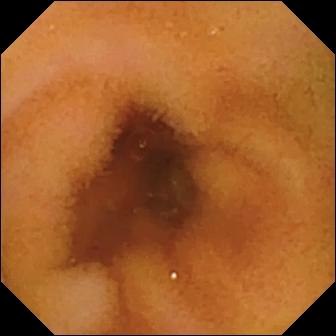Video capsule endoscopy. Small intestine. Finding: normal clean mucosa.